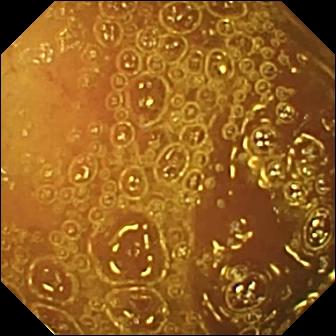This capsule endoscopy still shows normal clean mucosa.